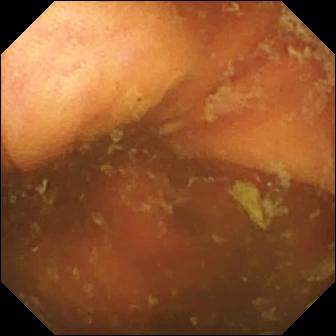{"modality": "WCE", "category": "anatomical landmark", "position": "ileo-cecal valve region (the transition from the small bowel to the large bowel)"}